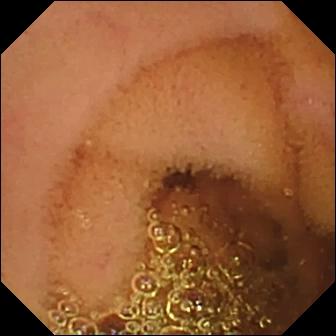Q: What does this wireless capsule endoscopy view show?
A: Normal clean mucosa.